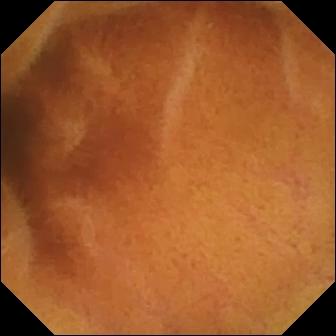This capsule endoscopy image of the small bowel shows normal clean mucosa.